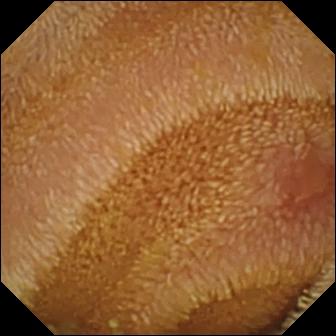This capsule endoscopy view shows erosion.